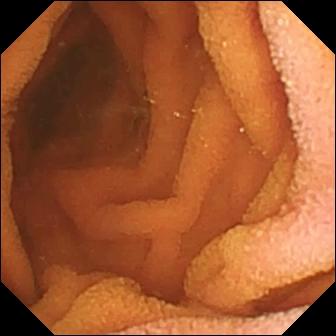{"modality": "VCE", "finding": "normal clean mucosa"}